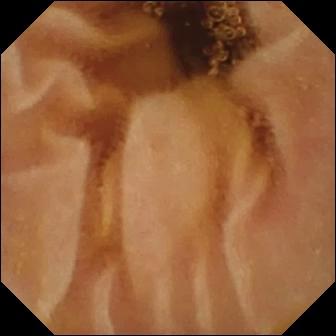VCE snapshot
Label: normal clean mucosa